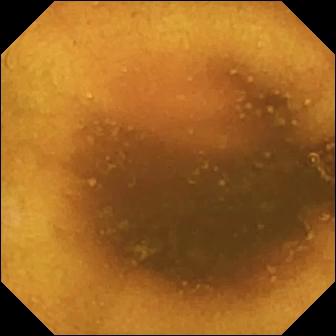Normal clean mucosa.